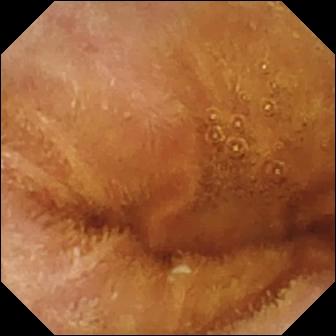- modality: small-bowel capsule endoscopy
- segment: small intestine
- category: luminal finding
- label: normal clean mucosa